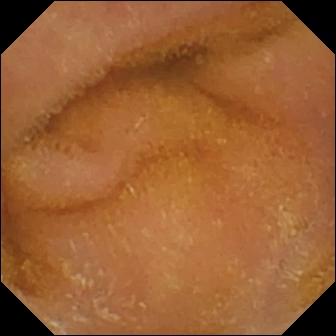- modality: capsule endoscopy
- observation: normal clean mucosa